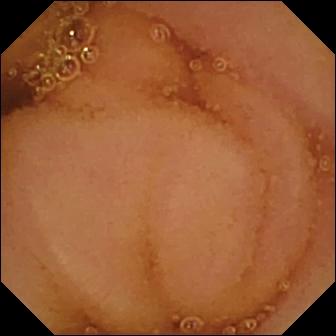- modality: capsule endoscopy
- category: luminal finding
- label: normal clean mucosa